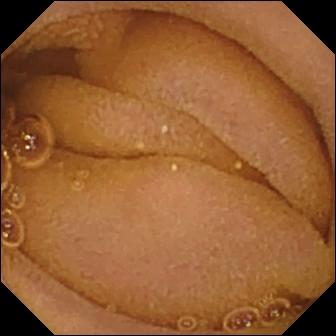Video capsule endoscopy image, small intestine
Finding: normal clean mucosa